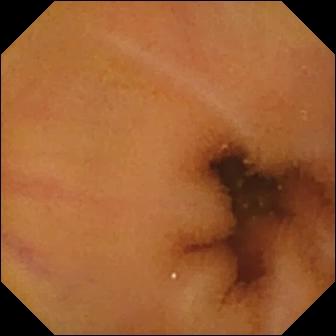Normal clean mucosa — VCE view of the small bowel.